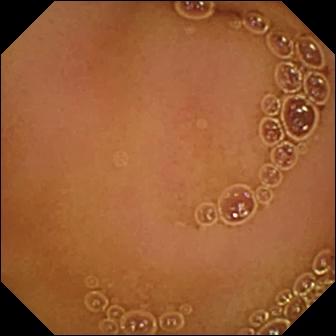{"modality": "video capsule endoscopy", "finding": "normal clean mucosa"}